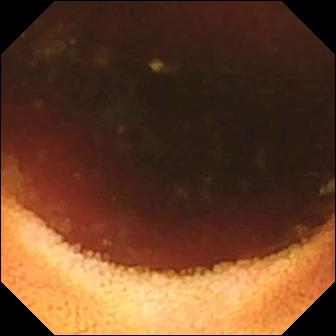Ileo-cecal valve region (the transition from the small bowel to the large bowel) — capsule endoscopy frame.